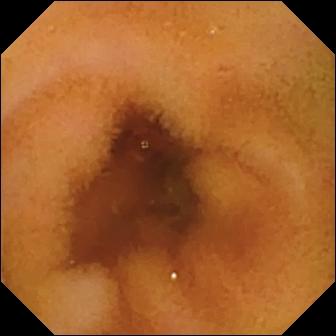This video capsule endoscopy still of the small bowel shows normal clean mucosa.